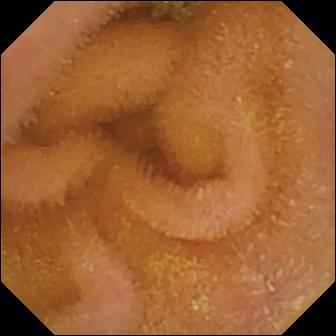modality: VCE
segment: small bowel
label: normal clean mucosa